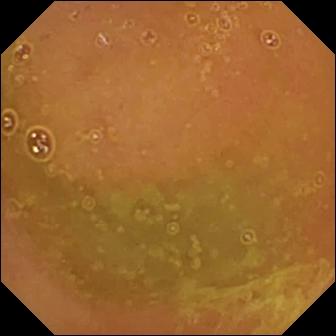VCE — normal clean mucosa.